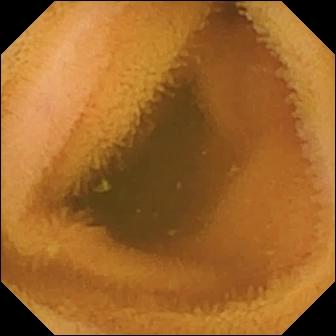VCE view (small bowel). Normal clean mucosa.